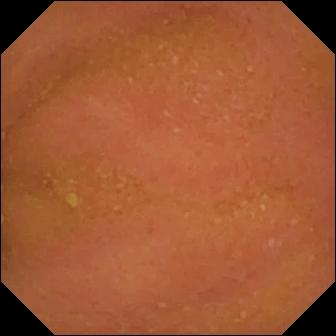Q: What does this WCE still show?
A: Normal clean mucosa.